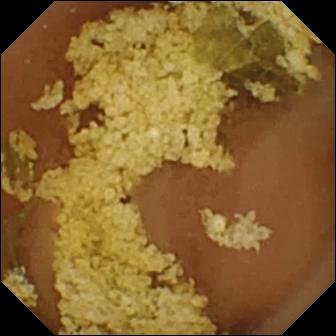Normal clean mucosa.